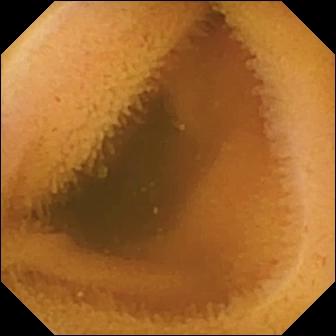This capsule endoscopy snapshot of the small intestine shows normal clean mucosa.